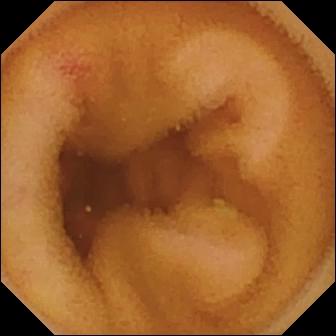PROCEDURE: VCE.
FINDINGS: Angiectasia.